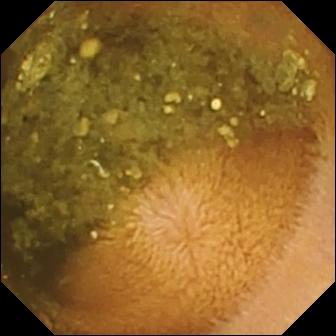This VCE view shows reduced mucosal view (content or bubbles obscuring the mucosa).